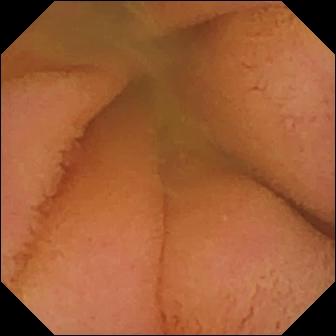modality: video capsule endoscopy
segment: small intestine
finding: normal clean mucosa